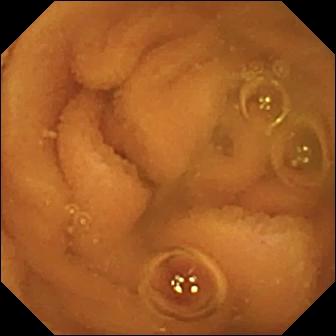- modality: capsule endoscopy
- segment: small bowel
- category: luminal finding
- impression: normal clean mucosa